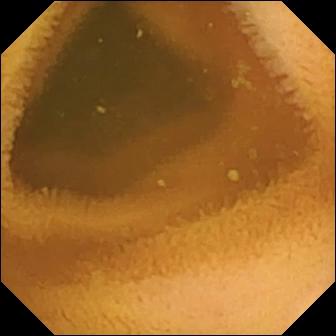Small-bowel capsule endoscopy — normal clean mucosa.